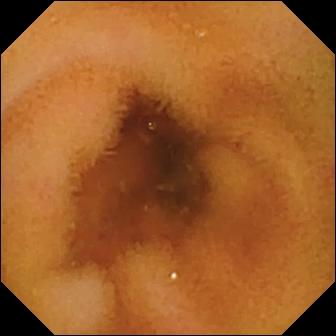Q: What does this capsule endoscopy frame of the small intestine show?
A: Normal clean mucosa.